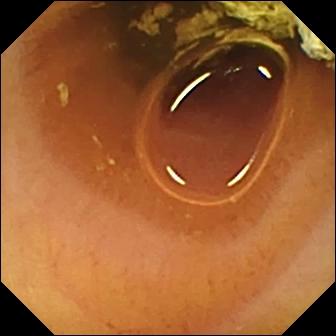Q: What does this video capsule endoscopy still show?
A: Normal clean mucosa.